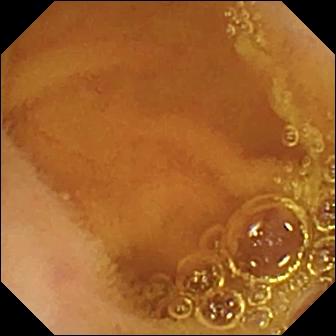This VCE image shows normal clean mucosa.